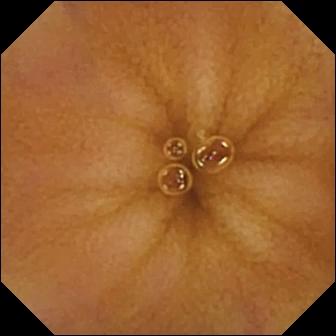Q: What does this WCE view of the small bowel show?
A: Normal clean mucosa.